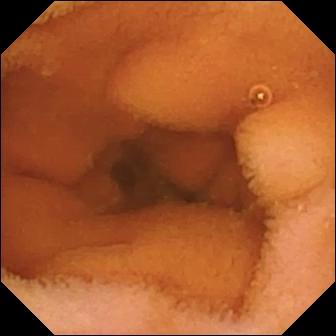Normal clean mucosa.